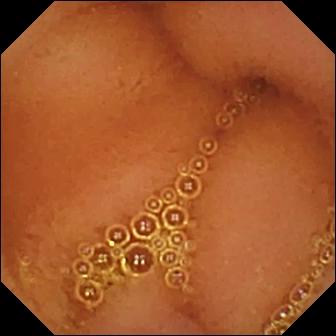modality: WCE; segment: small intestine; category: luminal finding; impression: normal clean mucosa